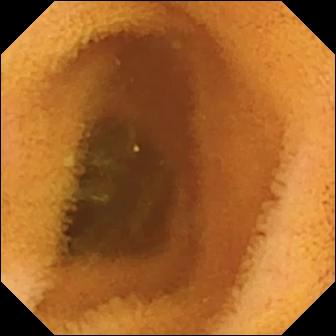Q: What does this wireless capsule endoscopy image show?
A: Normal clean mucosa.